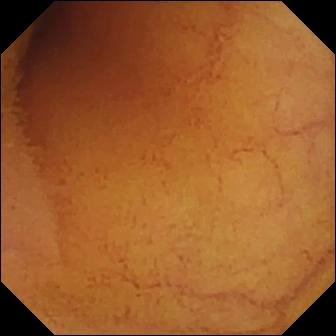modality: small-bowel capsule endoscopy | segment: small intestine | category: luminal finding | label: normal clean mucosa